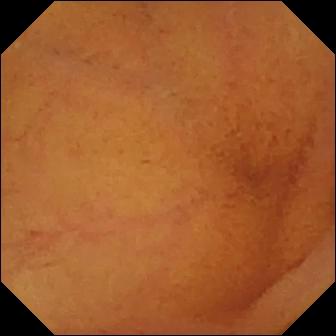Q: What does this video capsule endoscopy frame of the small intestine show?
A: Normal clean mucosa.